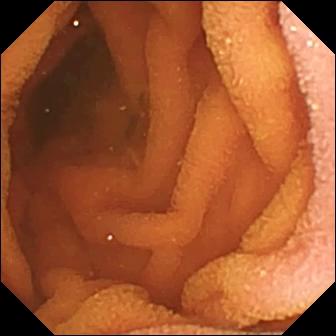This video capsule endoscopy still shows normal clean mucosa.